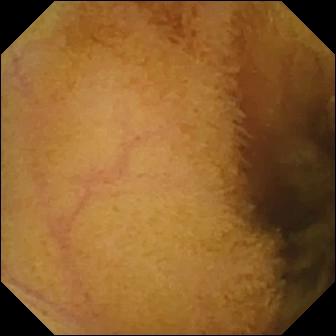Capsule endoscopy snapshot showing normal clean mucosa.